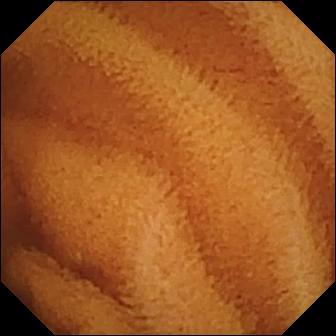Normal clean mucosa.